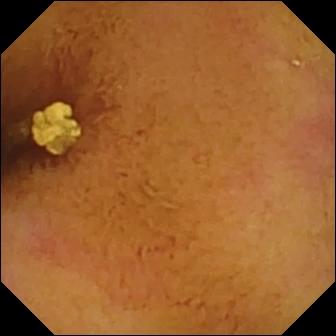WCE. Observation: normal clean mucosa.